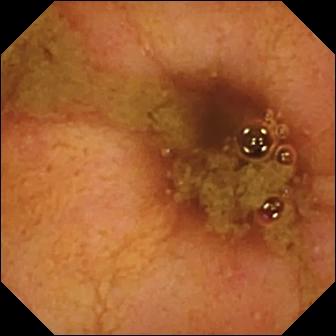WCE snapshot
Position: ileo-cecal valve region